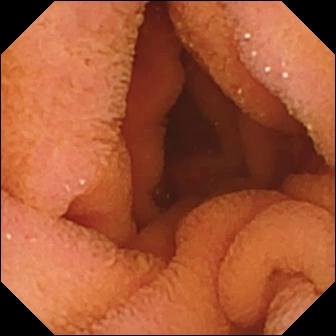- modality: VCE
- finding: normal clean mucosa